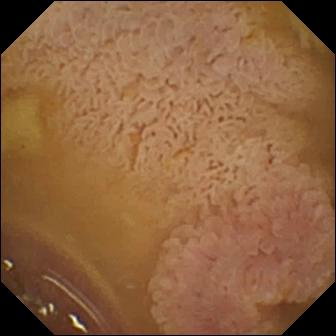Ileo-cecal valve region — small-bowel capsule endoscopy frame.